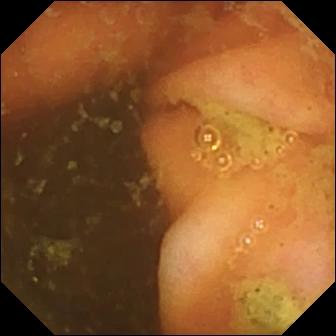Q: Where in the digestive tract was this WCE image taken?
A: Ileo-cecal valve region (the transition from the small bowel to the large bowel).